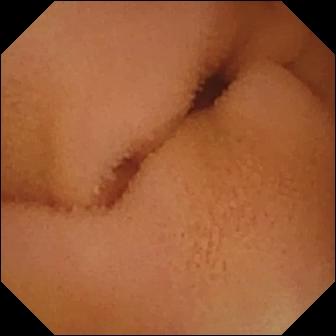WCE image (small intestine). Normal clean mucosa.